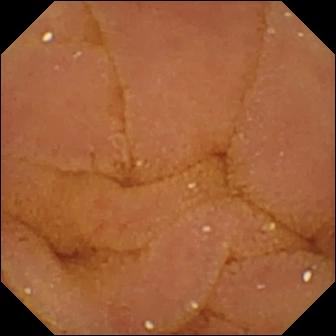- modality: wireless capsule endoscopy
- segment: small intestine
- category: luminal finding
- finding: normal clean mucosa